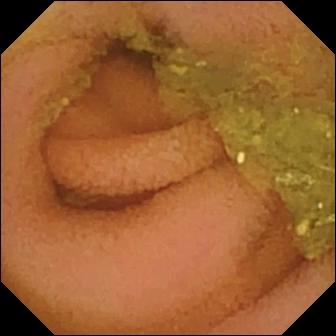- modality: video capsule endoscopy
- segment: small intestine
- category: luminal finding
- observation: normal clean mucosa